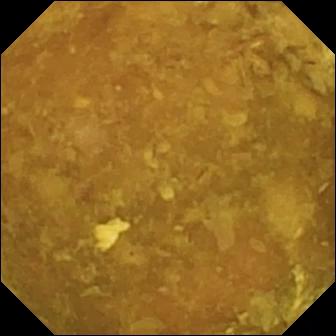{"modality": "wireless capsule endoscopy", "finding": "reduced mucosal view (content or bubbles obscuring the mucosa)"}